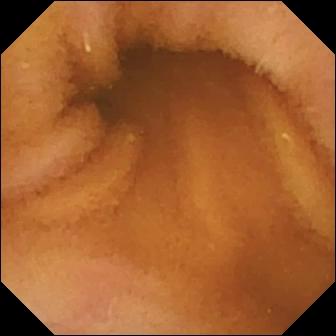Wireless capsule endoscopy. Impression: normal clean mucosa.